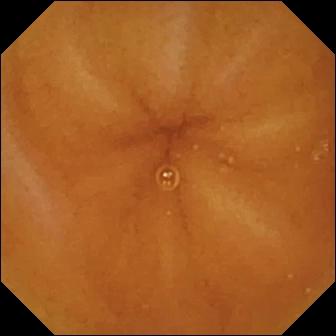{"modality": "VCE", "category": "luminal finding", "finding": "normal clean mucosa"}